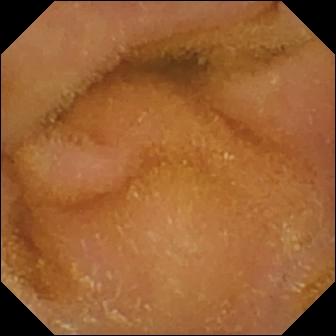PROCEDURE: Small-bowel capsule endoscopy.
SEGMENT: Small bowel.
FINDINGS: Normal clean mucosa.